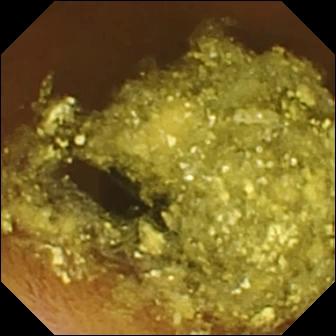Capsule endoscopy. Small intestine. Luminal finding. Impression: normal clean mucosa.